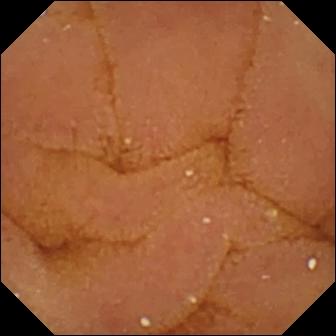{"modality": "WCE", "category": "luminal finding", "finding": "normal clean mucosa"}